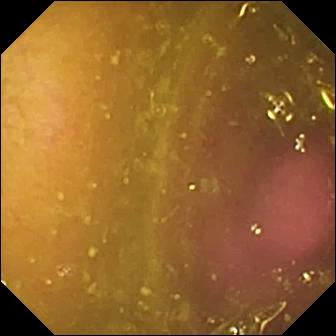Reduced mucosal view (content or bubbles obscuring the mucosa) — capsule endoscopy still.